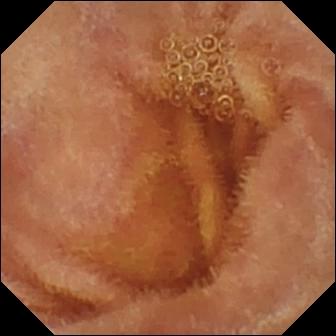{"modality": "small-bowel capsule endoscopy", "segment": "small intestine", "category": "luminal finding", "finding": "normal clean mucosa"}